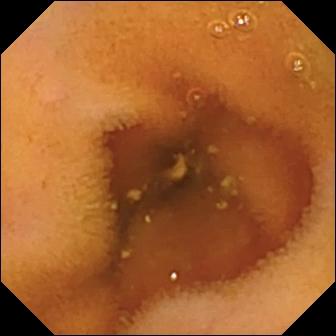Normal clean mucosa — small-bowel capsule endoscopy view.